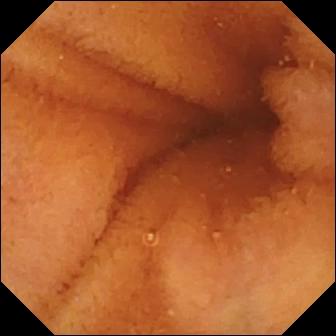Wireless capsule endoscopy image, small bowel
Impression: normal clean mucosa